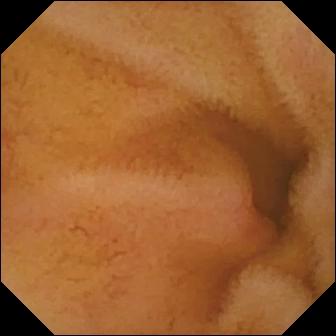Wireless capsule endoscopy — erythema (mucosal redness).